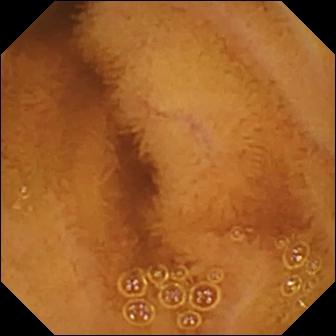Normal clean mucosa.